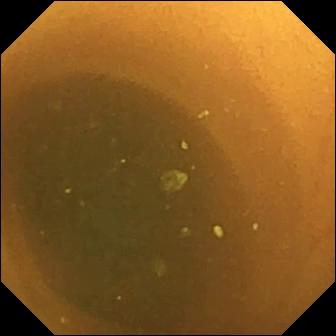Wireless capsule endoscopy view showing normal clean mucosa.